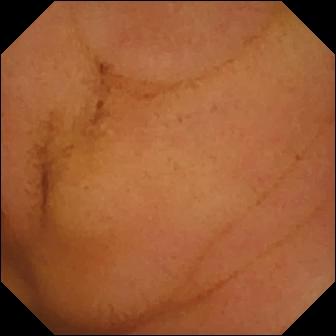Normal clean mucosa (336×336).